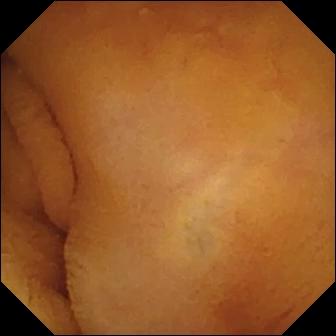PROCEDURE: Small-bowel capsule endoscopy.
FINDINGS: Normal clean mucosa.